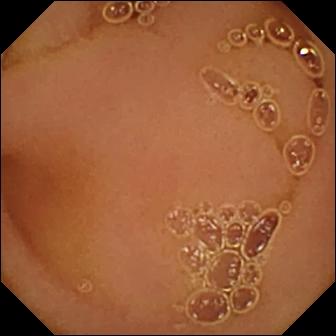modality: VCE
category: luminal finding
finding: normal clean mucosa